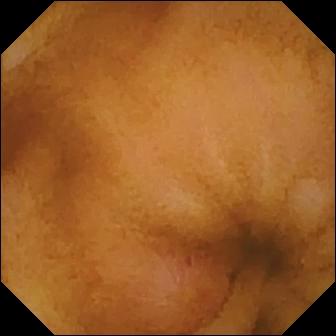WCE frame. Erosion.